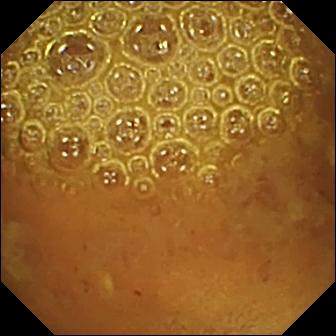modality: small-bowel capsule endoscopy | segment: small intestine | label: reduced mucosal view (content or bubbles obscuring the mucosa)